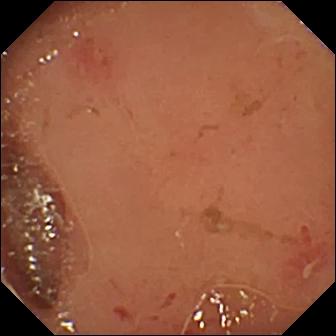Wireless capsule endoscopy — erosion.